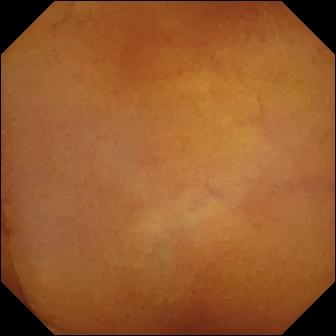modality: VCE
impression: normal clean mucosa